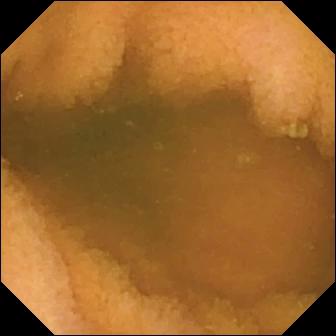Wireless capsule endoscopy view of the small bowel showing normal clean mucosa.